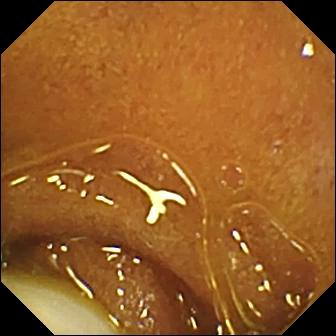Wireless capsule endoscopy image, 336×336. Foreign body (e.g. retained capsule, tablet residue).